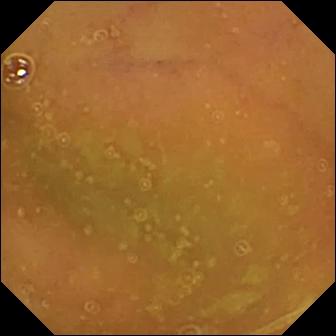Capsule endoscopy still, small bowel
Impression: normal clean mucosa